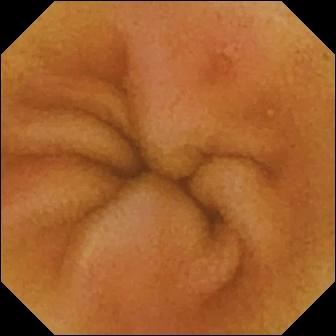Video capsule endoscopy — erosion.